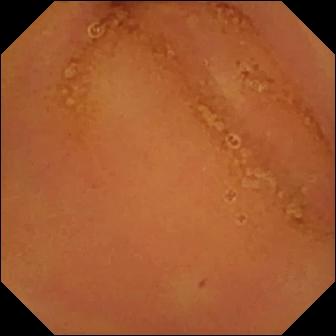Small-bowel capsule endoscopy. Luminal finding. Label: normal clean mucosa.